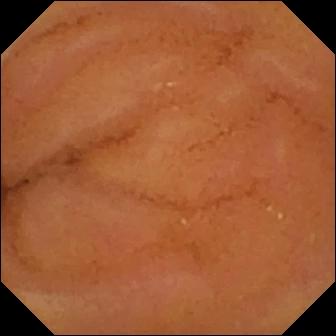This wireless capsule endoscopy snapshot of the small intestine shows normal clean mucosa.